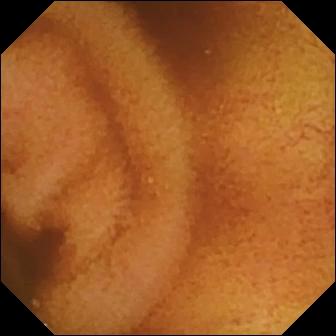Capsule endoscopy image (small intestine), 336×336. Normal clean mucosa.